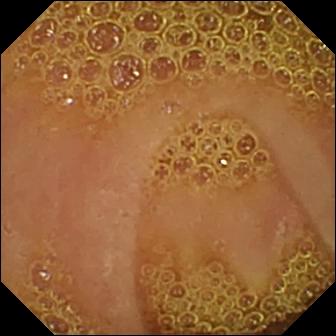VCE. Small bowel. Label: normal clean mucosa.